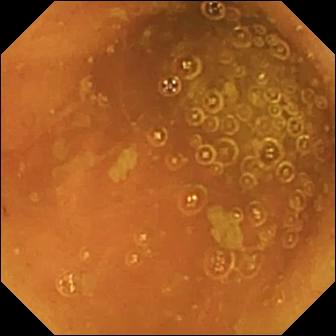Ileo-cecal valve region.